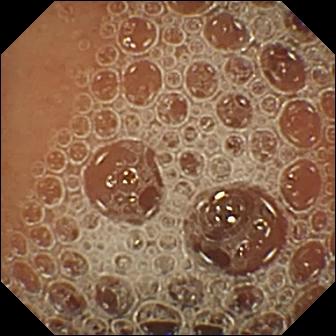Capsule endoscopy snapshot showing normal clean mucosa.